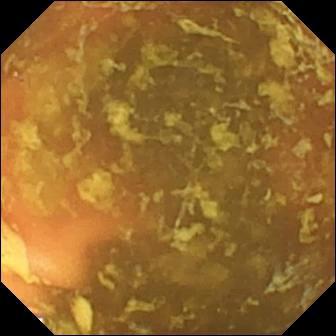{"modality": "video capsule endoscopy", "position": "ileo-cecal valve region (where the capsule passes from the small bowel into the large bowel)"}